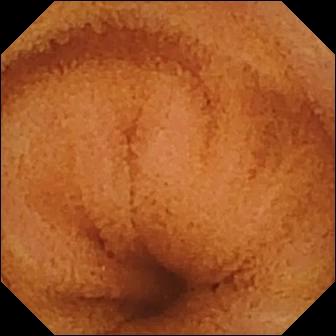Normal clean mucosa (336×336).